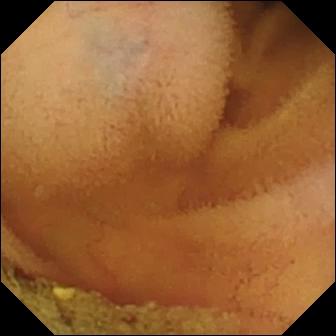PROCEDURE: Capsule endoscopy.
SEGMENT: Small intestine.
FINDINGS: Normal clean mucosa.